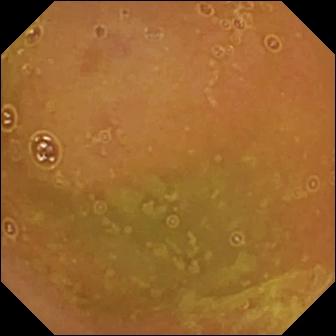- modality: small-bowel capsule endoscopy
- observation: normal clean mucosa